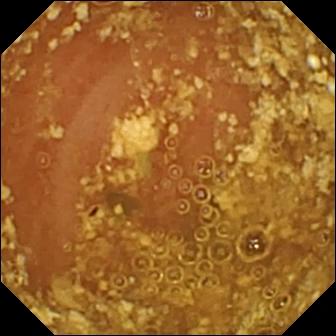This video capsule endoscopy image shows reduced mucosal view (content or bubbles obscuring the mucosa).